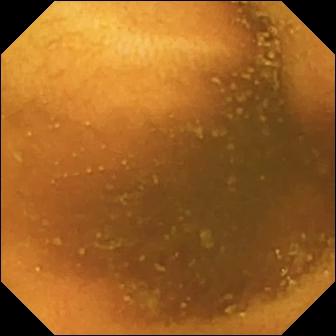{"modality": "WCE", "segment": "small bowel", "finding": "normal clean mucosa"}